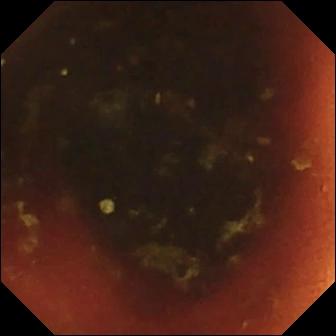Ileo-cecal valve region — capsule endoscopy snapshot.